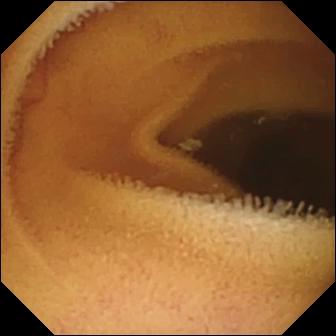WCE. Observation: normal clean mucosa.